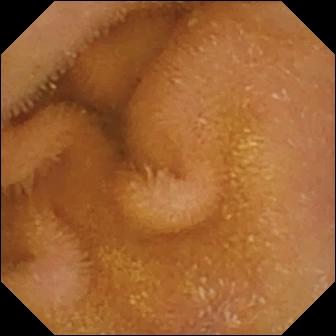modality: video capsule endoscopy
observation: normal clean mucosa